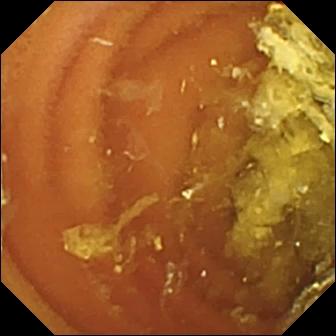modality: small-bowel capsule endoscopy | segment: small bowel | label: normal clean mucosa